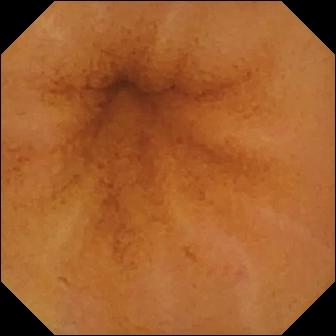- modality: WCE
- finding: normal clean mucosa